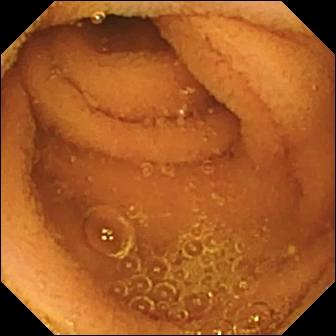Normal clean mucosa — capsule endoscopy snapshot of the small bowel.